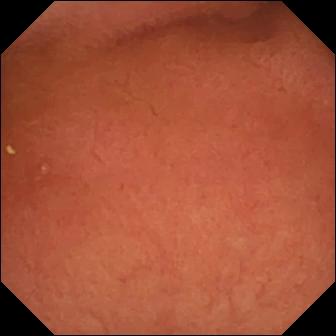{"modality": "video capsule endoscopy", "category": "anatomical landmark", "label": "pylorus region (the junction between the stomach and the small bowel)"}